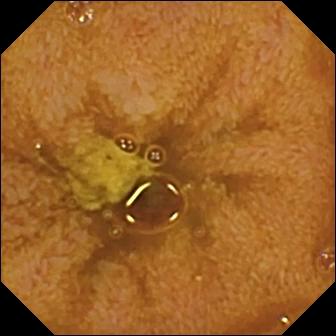Q: Where in the digestive tract was this small-bowel capsule endoscopy frame taken?
A: Ileo-cecal valve region (where the capsule passes from the small bowel into the large bowel).